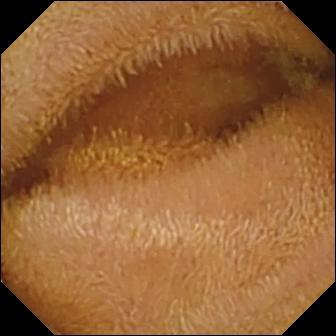Capsule endoscopy — normal clean mucosa.